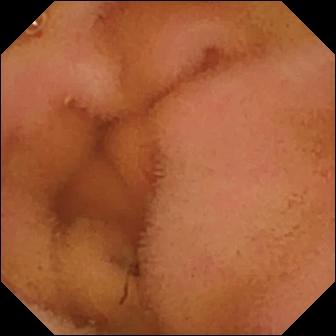This WCE frame of the small bowel shows normal clean mucosa.